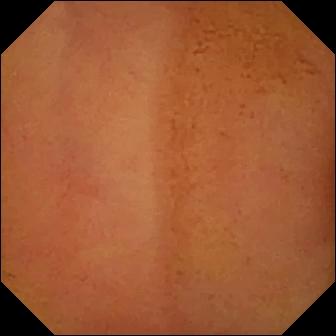{"modality": "WCE", "segment": "small intestine", "finding": "normal clean mucosa"}